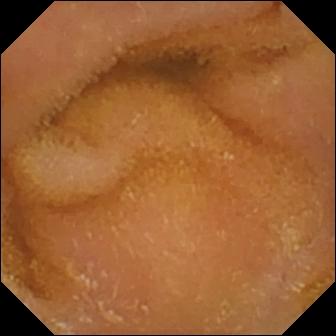- modality: VCE
- segment: small bowel
- impression: normal clean mucosa